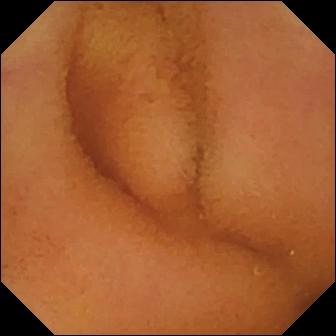Wireless capsule endoscopy image of the small bowel showing normal clean mucosa.